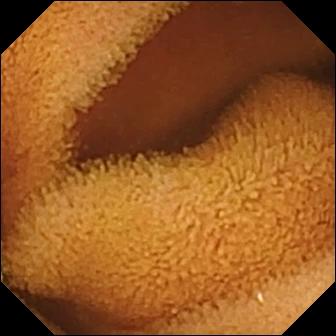PROCEDURE: VCE.
FINDINGS: Normal clean mucosa.